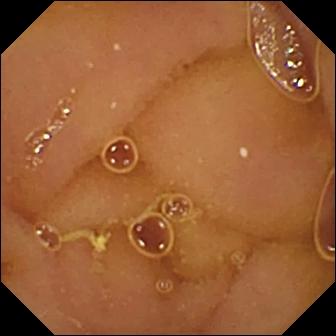Wireless capsule endoscopy. Small bowel. Observation: normal clean mucosa.